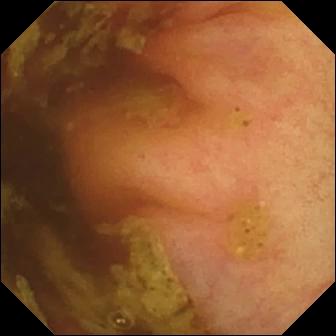Capsule endoscopy frame
Video segment: ileo-cecal valve region